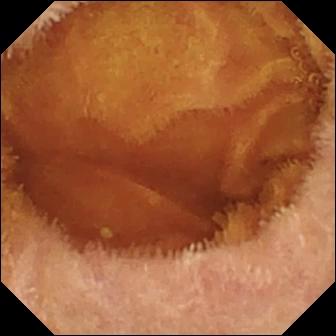Capsule endoscopy. Small bowel. Luminal finding. Finding: normal clean mucosa.